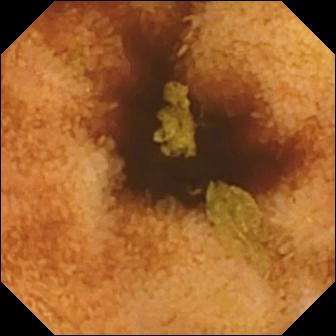This wireless capsule endoscopy image of the small intestine shows normal clean mucosa.